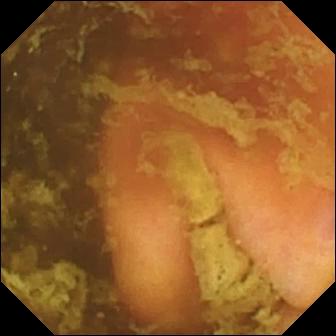- modality: wireless capsule endoscopy
- position: ileo-cecal valve region